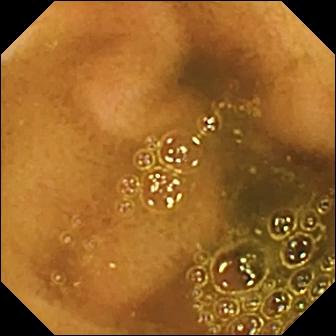- modality: video capsule endoscopy
- video segment: ileo-cecal valve region